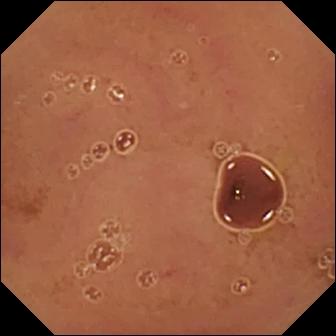Wireless capsule endoscopy still of the small bowel showing normal clean mucosa.